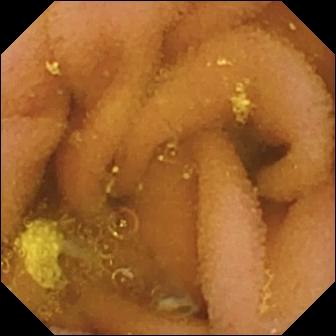This capsule endoscopy image shows lymphangiectasia.